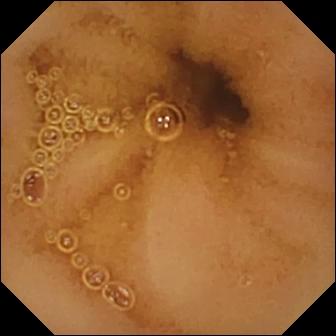PROCEDURE: Wireless capsule endoscopy.
FINDINGS: Normal clean mucosa.